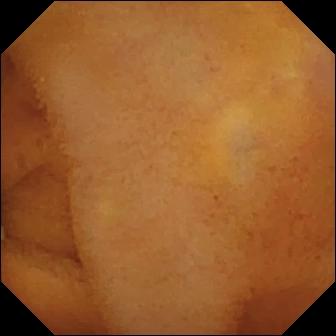- modality: WCE
- segment: small intestine
- impression: normal clean mucosa